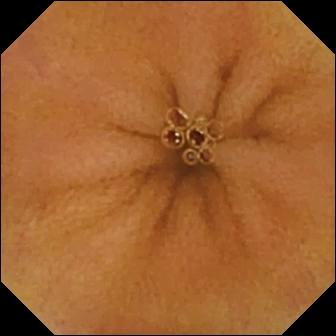WCE still (small intestine). Normal clean mucosa.